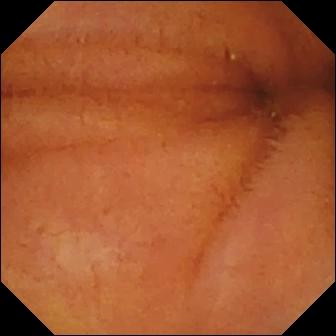This video capsule endoscopy still of the small bowel shows normal clean mucosa.